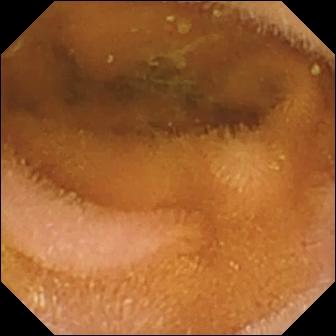Capsule endoscopy. Luminal finding. Label: normal clean mucosa.